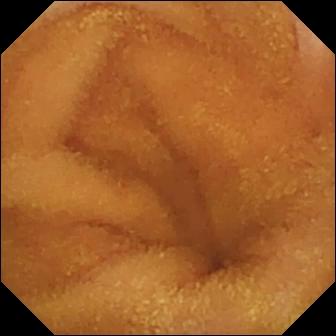modality: small-bowel capsule endoscopy; segment: small bowel; finding: normal clean mucosa